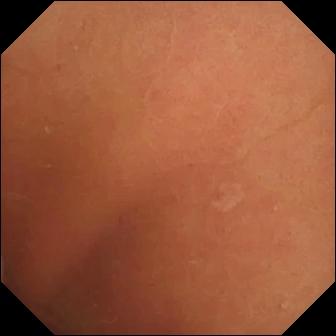Capsule endoscopy view showing normal clean mucosa.